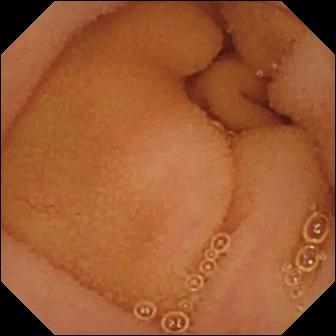modality: WCE
impression: normal clean mucosa